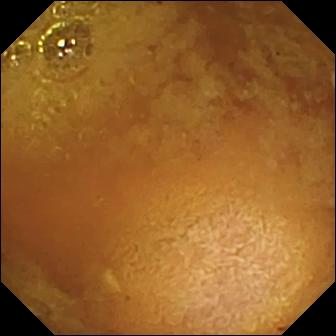Reduced mucosal view (content or bubbles obscuring the mucosa) — wireless capsule endoscopy image.